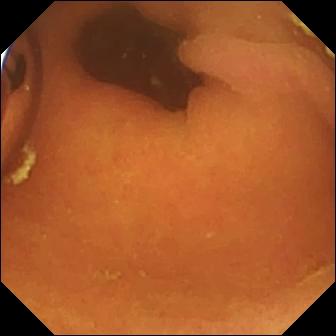Capsule endoscopy frame. Foreign body (e.g. retained capsule, tablet residue).